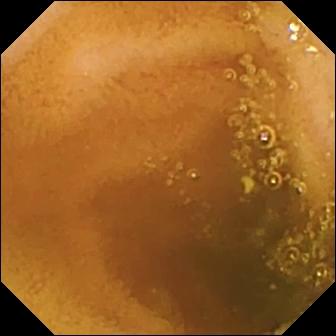Small-bowel capsule endoscopy. Impression: normal clean mucosa.